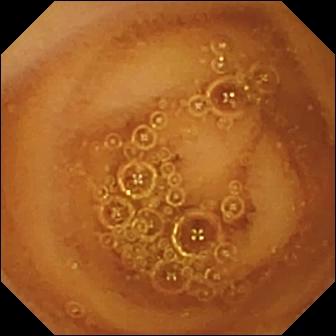Capsule endoscopy image. Normal clean mucosa.